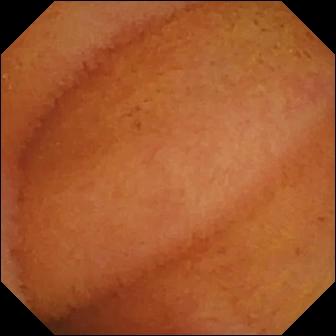{"modality": "video capsule endoscopy", "finding": "normal clean mucosa"}